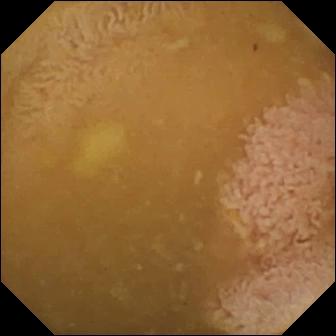{"modality": "video capsule endoscopy", "position": "ileo-cecal valve region"}